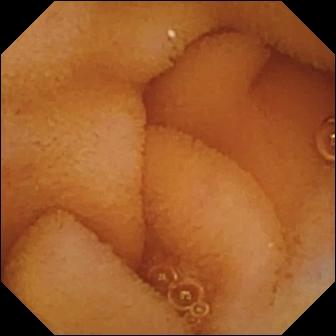{"modality": "WCE", "category": "luminal finding", "finding": "normal clean mucosa"}